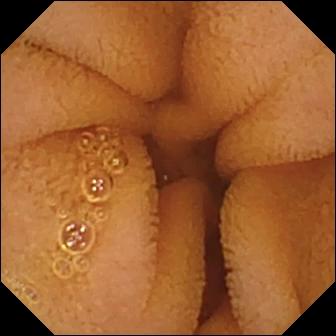{"modality": "video capsule endoscopy", "segment": "small bowel", "finding": "normal clean mucosa"}